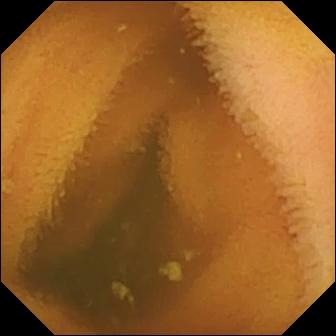- modality: capsule endoscopy
- label: normal clean mucosa